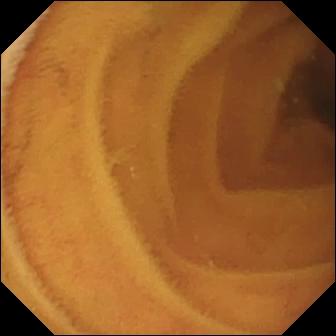{"modality": "VCE", "category": "luminal finding", "finding": "normal clean mucosa"}